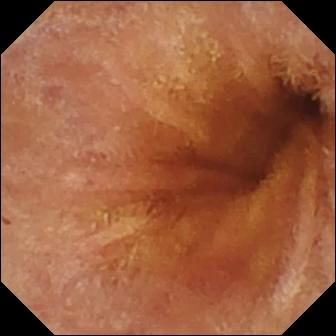Small-bowel capsule endoscopy snapshot of the small intestine showing normal clean mucosa.